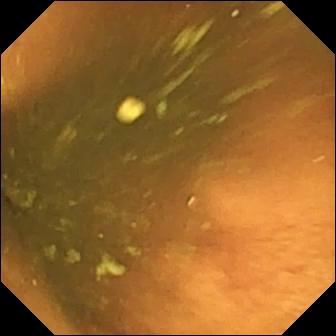PROCEDURE: WCE.
LOCATION: Ileo-cecal valve region (where the capsule passes from the small bowel into the large bowel).